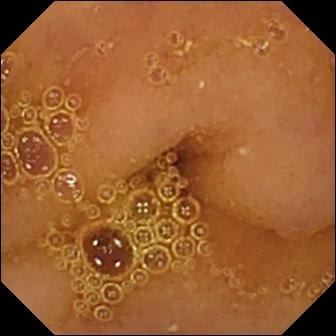- modality: VCE
- segment: small intestine
- finding: normal clean mucosa